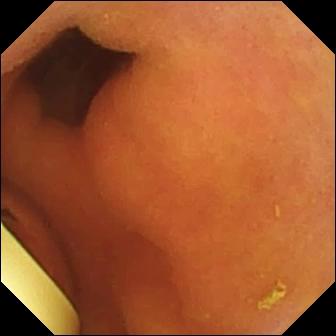Foreign body (e.g. retained capsule, tablet residue) — capsule endoscopy view.